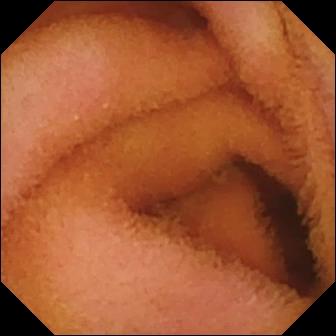- modality: WCE
- finding: normal clean mucosa